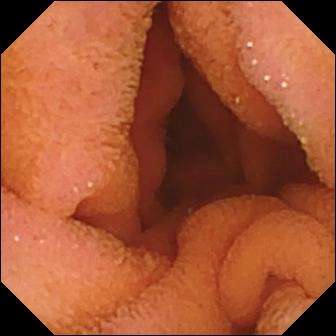Wireless capsule endoscopy still, small bowel
Label: normal clean mucosa